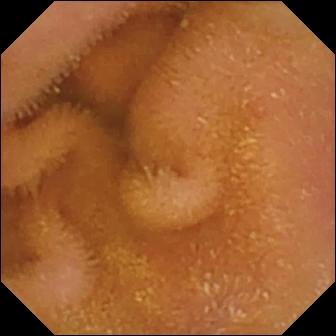modality: VCE | segment: small intestine | impression: normal clean mucosa